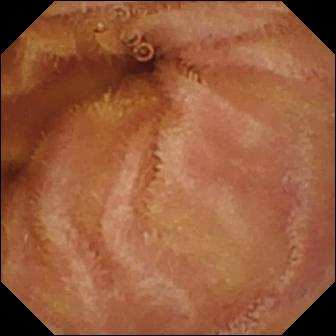modality: wireless capsule endoscopy
segment: small bowel
observation: normal clean mucosa